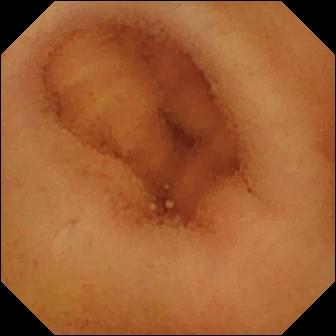Small-bowel capsule endoscopy. Small intestine. Luminal finding. Finding: normal clean mucosa.